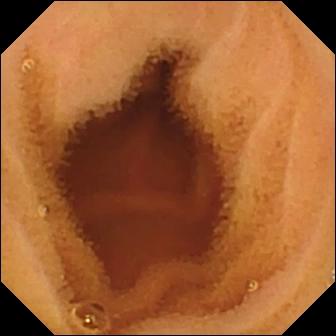Wireless capsule endoscopy image, small bowel
Observation: normal clean mucosa